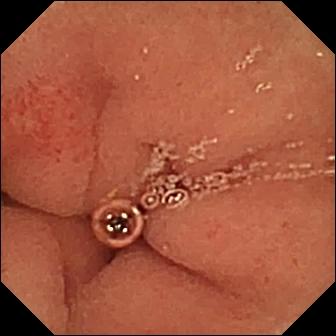Q: Where in the digestive tract was this video capsule endoscopy still taken?
A: Pylorus region (where the capsule passes from the stomach into the small bowel).